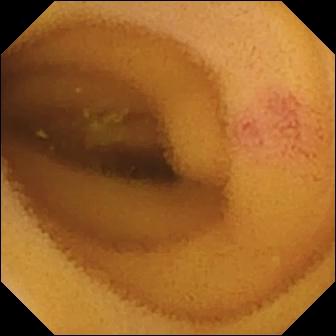Small-bowel capsule endoscopy — angiectasia.